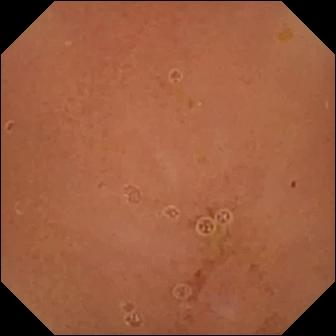Video capsule endoscopy image of the small bowel showing normal clean mucosa.